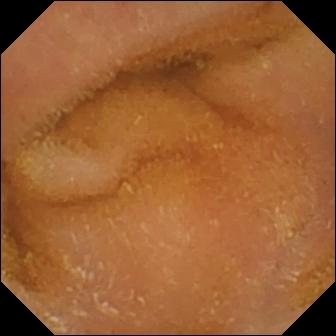Q: What does this small-bowel capsule endoscopy snapshot of the small bowel show?
A: Normal clean mucosa.